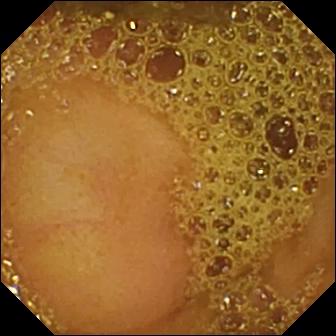Ileo-cecal valve region (where the capsule passes from the small bowel into the large bowel) — WCE image.